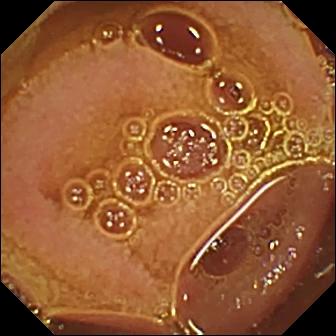{"modality": "wireless capsule endoscopy", "category": "luminal finding", "finding": "normal clean mucosa"}